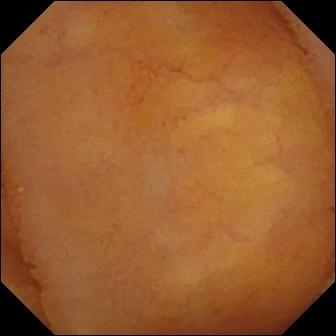{"modality": "video capsule endoscopy", "category": "luminal finding", "finding": "normal clean mucosa"}